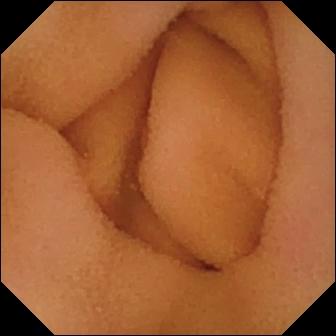Wireless capsule endoscopy view. Normal clean mucosa.